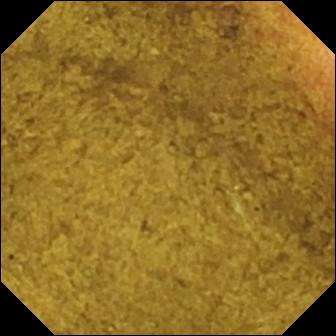WCE. Location: ileo-cecal valve region.